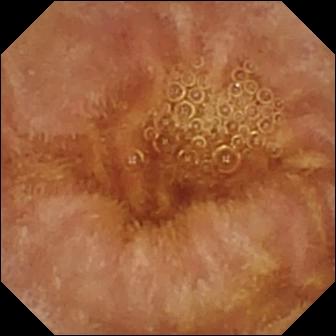Normal clean mucosa.